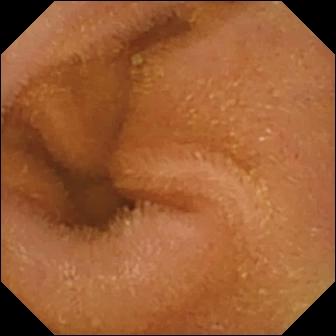Small-bowel capsule endoscopy frame showing normal clean mucosa.